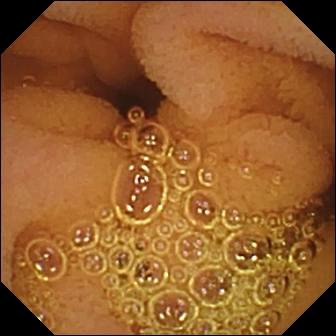Small-bowel capsule endoscopy snapshot of the small bowel showing normal clean mucosa.